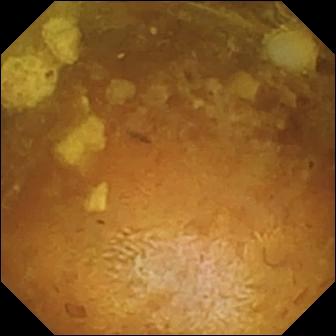This small-bowel capsule endoscopy image of the small intestine shows reduced mucosal view (content or bubbles obscuring the mucosa).